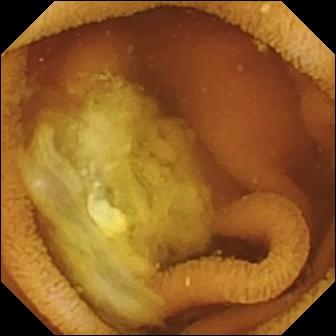Capsule endoscopy — normal clean mucosa.